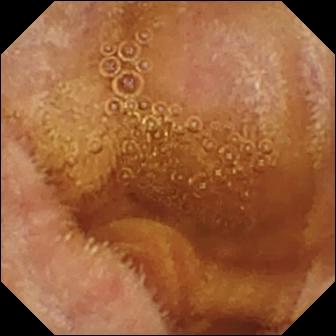WCE frame (small intestine), 336×336. Normal clean mucosa.